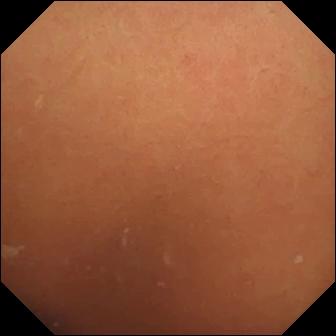modality: VCE
category: luminal finding
label: normal clean mucosa